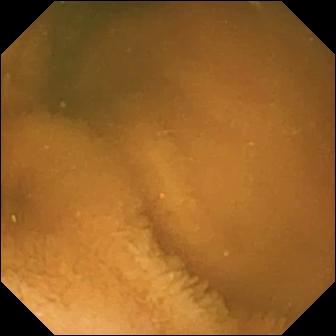PROCEDURE: Video capsule endoscopy.
SEGMENT: Small intestine.
FINDINGS: Normal clean mucosa.